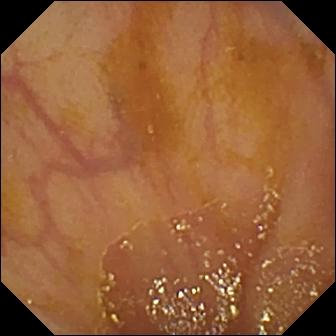Ileo-cecal valve region (where the capsule passes from the small bowel into the large bowel).